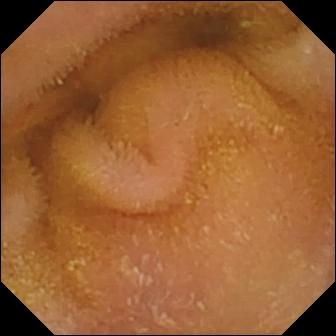Wireless capsule endoscopy. Small intestine. Observation: normal clean mucosa.